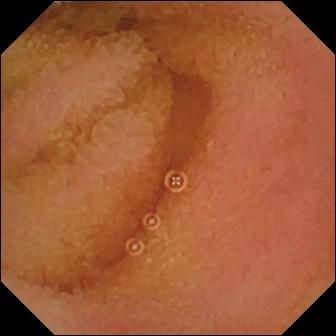- modality: WCE
- finding: normal clean mucosa